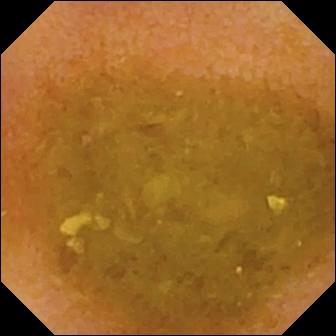Wireless capsule endoscopy snapshot of the small intestine showing reduced mucosal view (content or bubbles obscuring the mucosa).